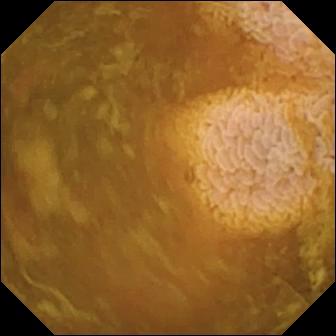VCE snapshot (small intestine). Reduced mucosal view (content or bubbles obscuring the mucosa).